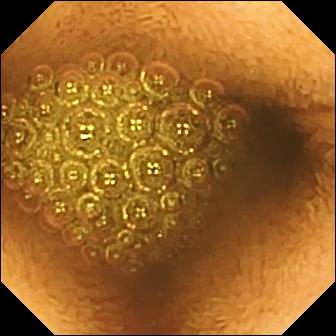Capsule endoscopy view showing reduced mucosal view (content or bubbles obscuring the mucosa).